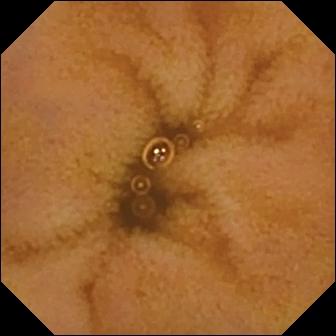Capsule endoscopy snapshot showing normal clean mucosa.